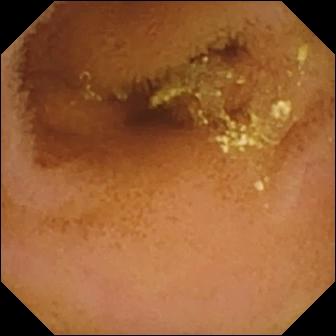WCE — normal clean mucosa.